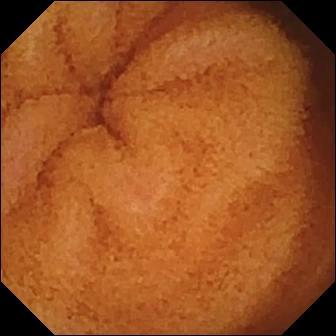Wireless capsule endoscopy — normal clean mucosa.